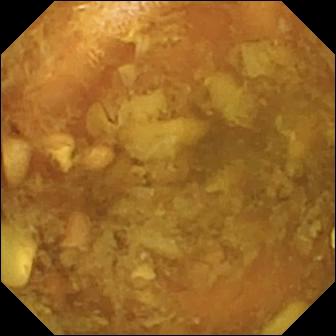modality: VCE | label: reduced mucosal view (content or bubbles obscuring the mucosa)